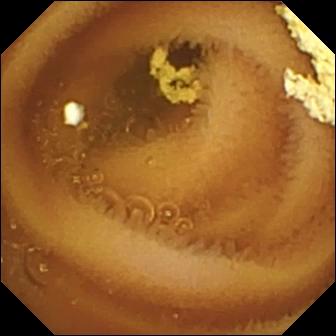{"modality": "WCE", "segment": "small intestine", "finding": "normal clean mucosa"}